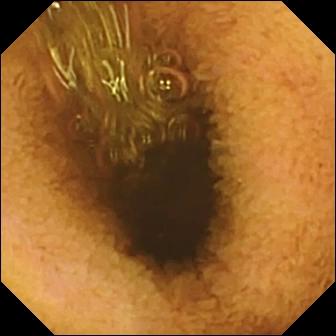This small-bowel capsule endoscopy still shows reduced mucosal view (content or bubbles obscuring the mucosa).